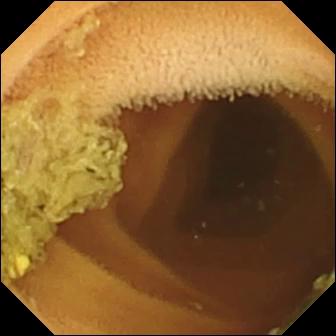WCE still. Normal clean mucosa.